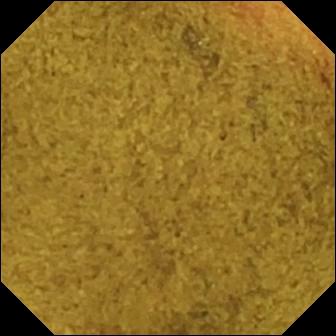Ileo-cecal valve region (where the capsule passes from the small bowel into the large bowel).